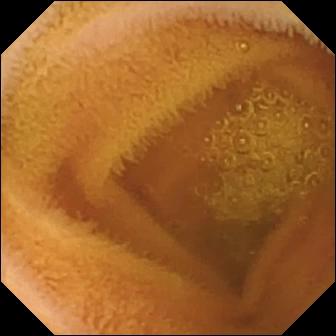Video capsule endoscopy. Observation: normal clean mucosa.